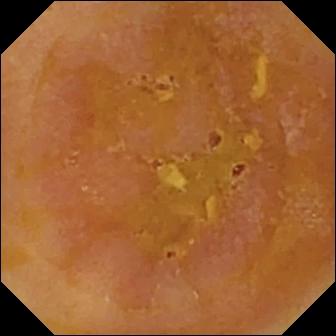Capsule endoscopy — reduced mucosal view (content or bubbles obscuring the mucosa).